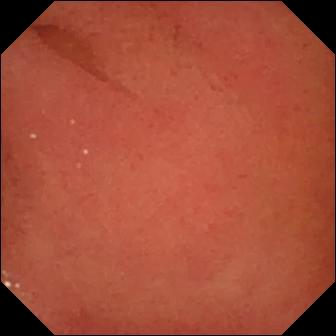- modality: WCE
- position: pylorus region (the junction between the stomach and the small bowel)